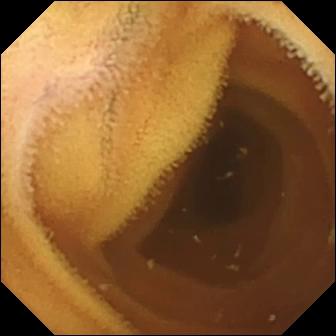This small-bowel capsule endoscopy view shows normal clean mucosa.